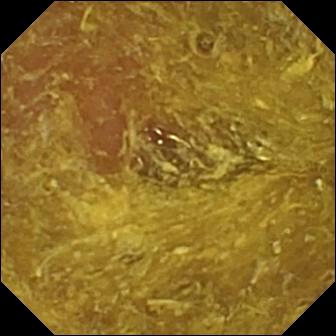This wireless capsule endoscopy image shows reduced mucosal view (content or bubbles obscuring the mucosa).